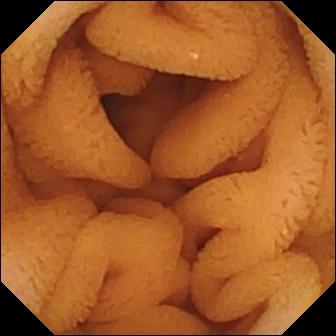This capsule endoscopy still shows normal clean mucosa.